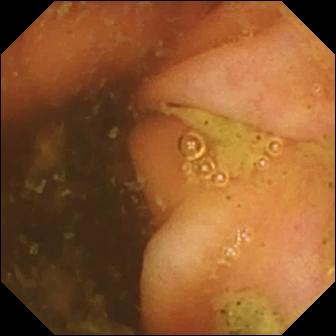{"modality": "WCE", "label": "ileo-cecal valve region (where the capsule passes from the small bowel into the large bowel)"}